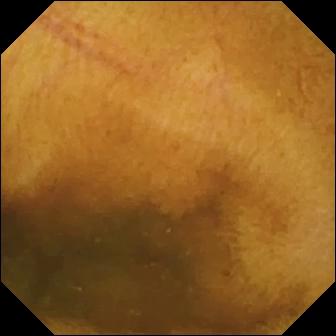This capsule endoscopy still shows normal clean mucosa.